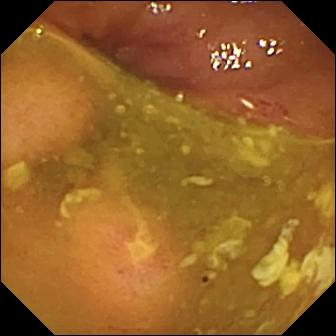Wireless capsule endoscopy view. Ulcer.